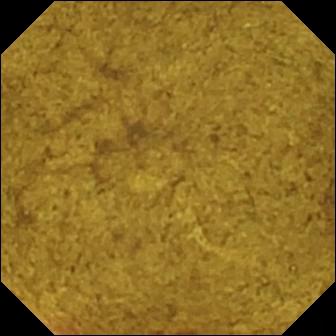{"modality": "wireless capsule endoscopy", "position": "ileo-cecal valve region (the transition from the small bowel to the large bowel)"}